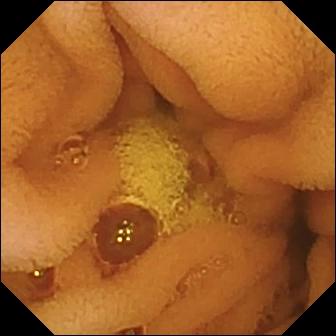Normal clean mucosa — capsule endoscopy frame.